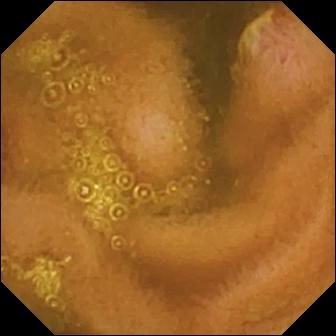VCE. Finding: ulcer.